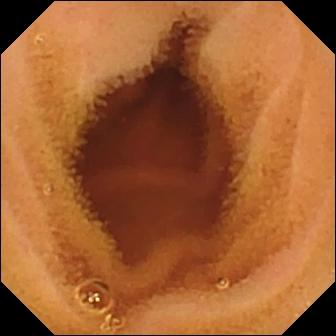modality: wireless capsule endoscopy | label: normal clean mucosa